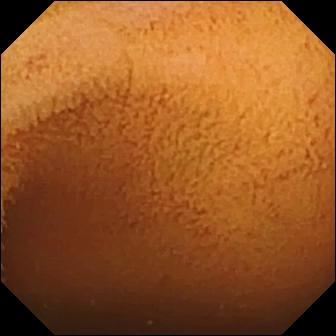VCE image
Observation: normal clean mucosa